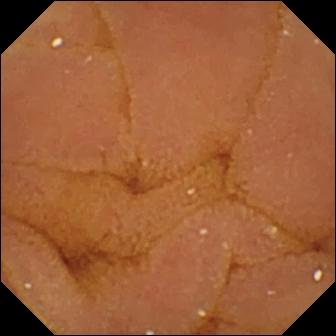Normal clean mucosa — wireless capsule endoscopy snapshot of the small bowel.